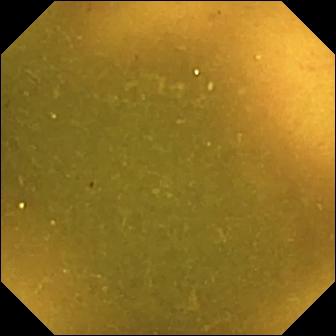Capsule endoscopy. Near an anatomical landmark. Position: ileo-cecal valve region (the transition from the small bowel to the large bowel).